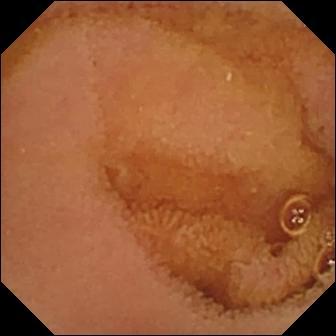Wireless capsule endoscopy still. Normal clean mucosa.